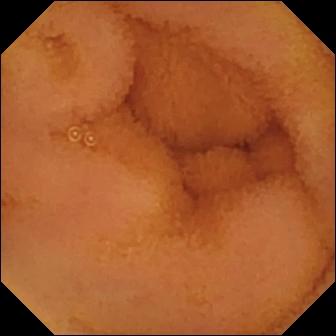Wireless capsule endoscopy image, 336×336. Normal clean mucosa.